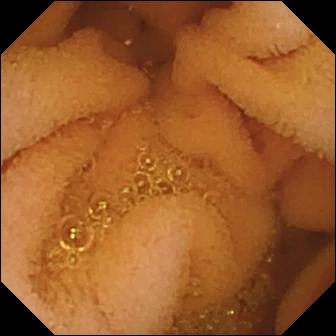Wireless capsule endoscopy view (small bowel). Normal clean mucosa.